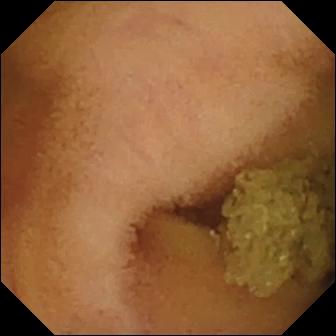This WCE frame of the small bowel shows normal clean mucosa.